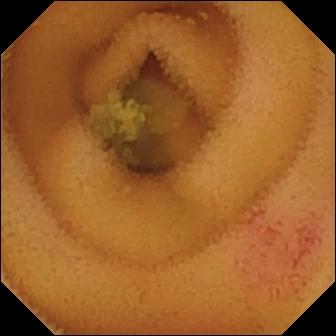modality: VCE | label: angiectasia